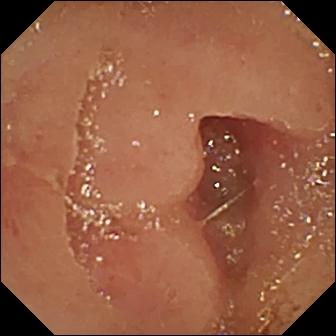{"modality": "WCE", "category": "luminal finding", "finding": "erosion"}